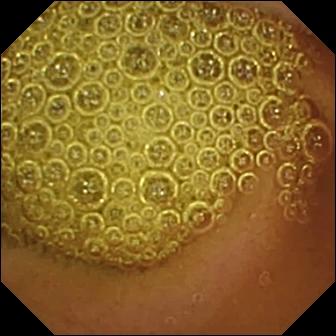Normal clean mucosa — WCE frame of the small bowel.